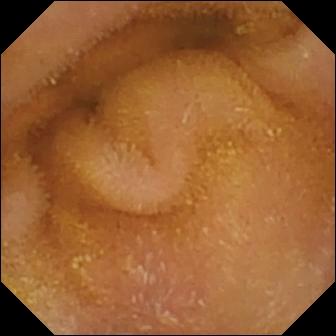Small-bowel capsule endoscopy — normal clean mucosa.